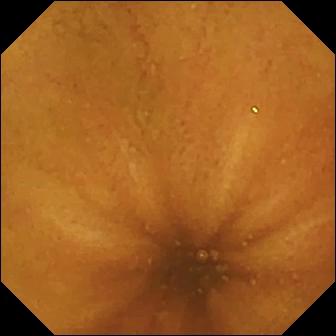Normal clean mucosa.